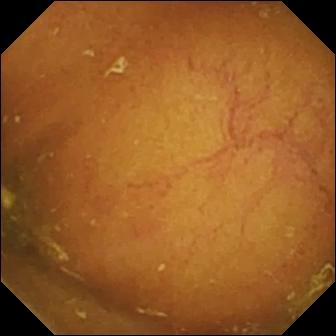{"modality": "WCE", "location": "ileo-cecal valve region"}